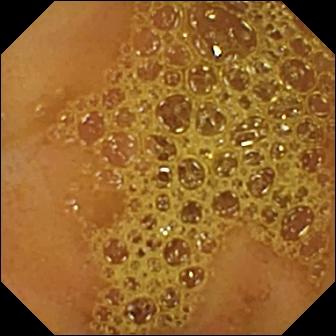Q: Where in the digestive tract was this wireless capsule endoscopy view taken?
A: Ileo-cecal valve region.